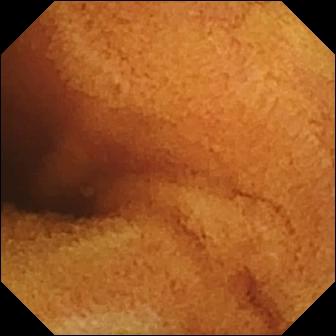Normal clean mucosa.